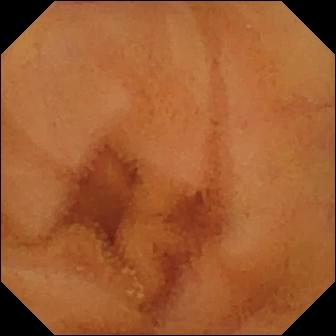- modality: capsule endoscopy
- segment: small bowel
- finding: normal clean mucosa